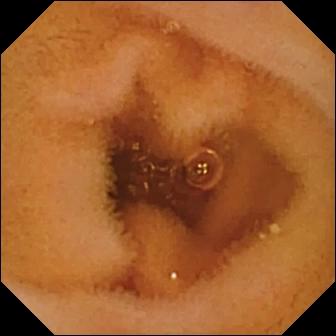{"modality": "small-bowel capsule endoscopy", "finding": "normal clean mucosa"}